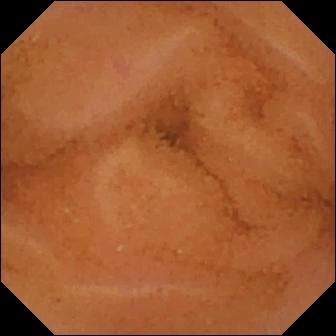Q: What does this video capsule endoscopy image show?
A: Normal clean mucosa.